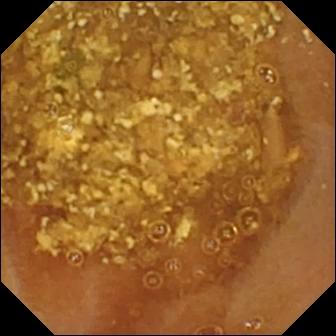Reduced mucosal view (content or bubbles obscuring the mucosa) — WCE view of the small intestine.